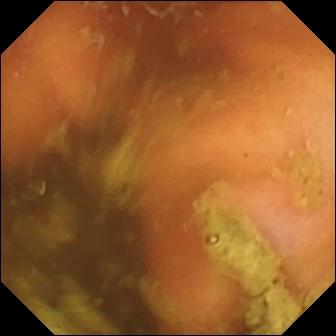Q: Where in the digestive tract was this small-bowel capsule endoscopy view taken?
A: Ileo-cecal valve region (where the capsule passes from the small bowel into the large bowel).